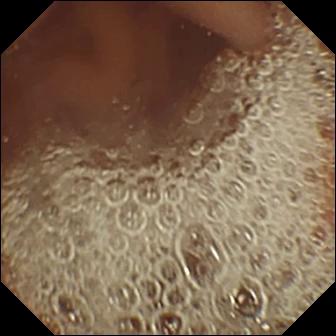This small-bowel capsule endoscopy snapshot was taken in the pylorus region.